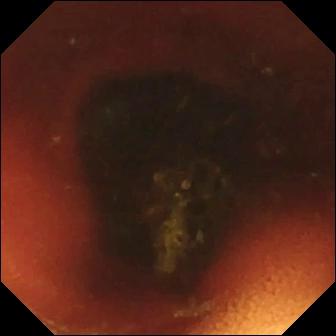Ileo-cecal valve region (the transition from the small bowel to the large bowel) — WCE still.